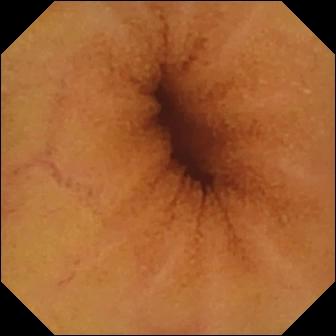Normal clean mucosa.